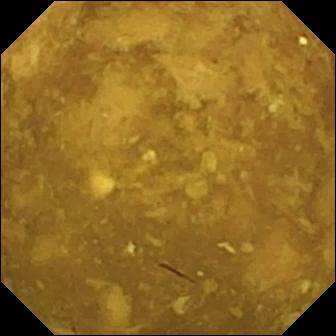Reduced mucosal view (content or bubbles obscuring the mucosa) (336×336).